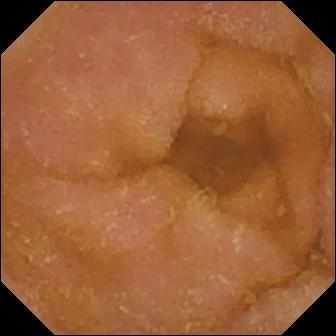Video capsule endoscopy image (small intestine). Normal clean mucosa.